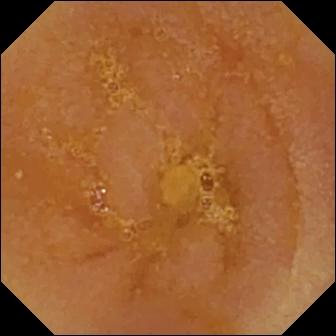VCE frame (small intestine). Reduced mucosal view (content or bubbles obscuring the mucosa).